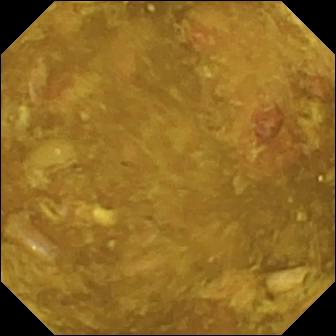Wireless capsule endoscopy snapshot of the small bowel showing reduced mucosal view (content or bubbles obscuring the mucosa).